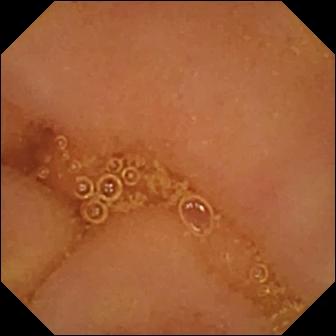Small-bowel capsule endoscopy image. Normal clean mucosa.